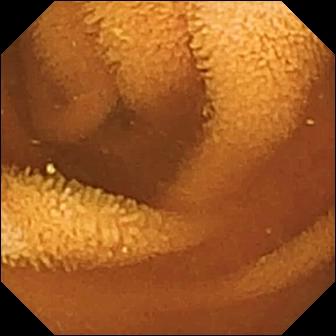modality: small-bowel capsule endoscopy
category: luminal finding
finding: normal clean mucosa